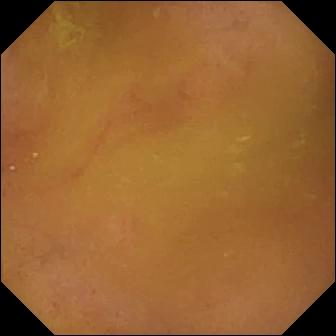VCE snapshot showing normal clean mucosa.